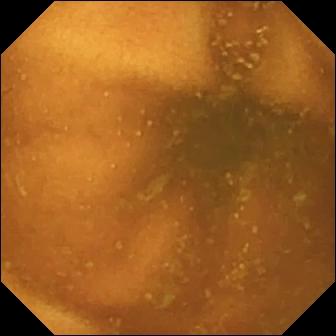Video capsule endoscopy snapshot
Label: normal clean mucosa